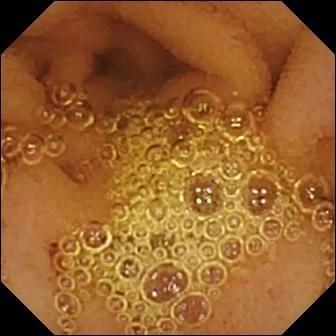- modality: VCE
- segment: small intestine
- finding: normal clean mucosa